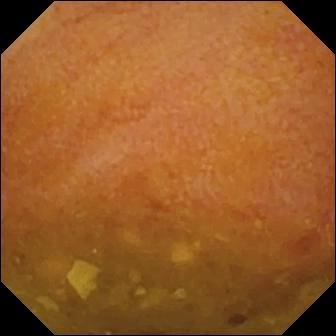Wireless capsule endoscopy snapshot
Label: reduced mucosal view (content or bubbles obscuring the mucosa)